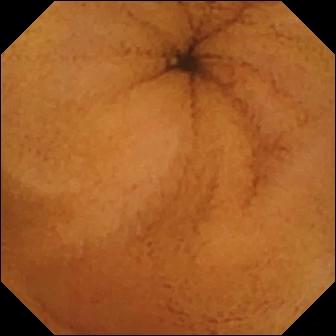- modality: video capsule endoscopy
- observation: normal clean mucosa